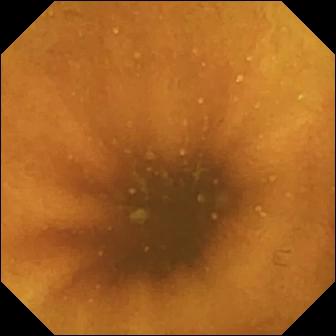- modality: small-bowel capsule endoscopy
- segment: small bowel
- category: luminal finding
- observation: normal clean mucosa